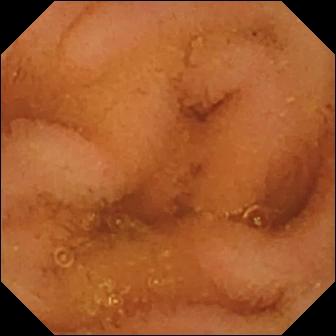Small-bowel capsule endoscopy frame
Impression: normal clean mucosa